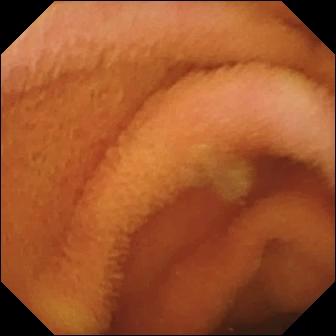- modality: VCE
- segment: small intestine
- impression: normal clean mucosa